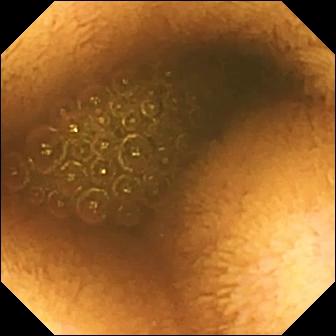Capsule endoscopy frame. Reduced mucosal view (content or bubbles obscuring the mucosa).